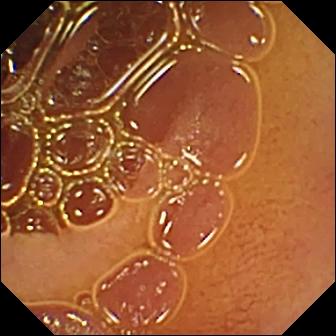Capsule endoscopy image, small bowel
Finding: normal clean mucosa